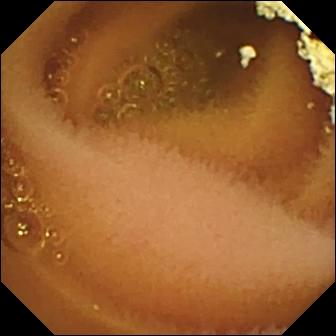Capsule endoscopy — normal clean mucosa.